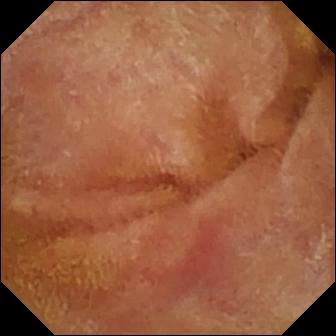{"modality": "capsule endoscopy", "segment": "small bowel", "finding": "normal clean mucosa"}